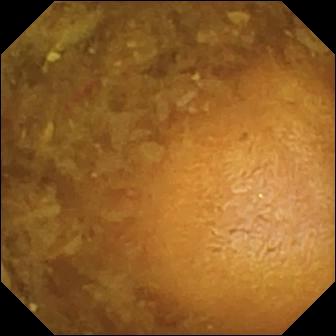Q: What does this VCE image of the small bowel show?
A: Reduced mucosal view (content or bubbles obscuring the mucosa).